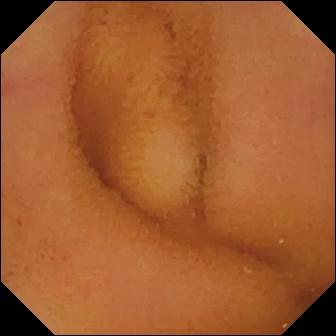Capsule endoscopy — normal clean mucosa.